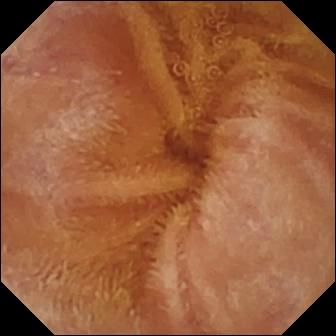Q: What does this video capsule endoscopy still of the small bowel show?
A: Normal clean mucosa.